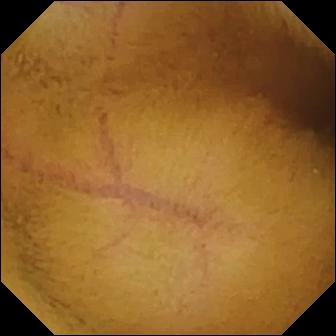WCE. Luminal finding. Label: normal clean mucosa.